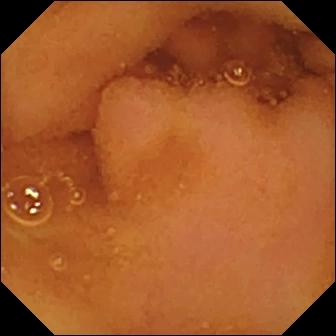This video capsule endoscopy snapshot of the small bowel shows normal clean mucosa.